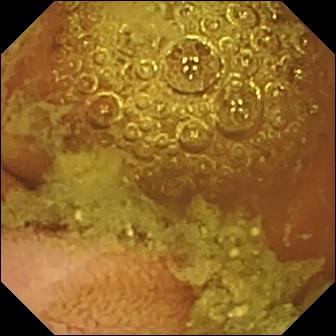- modality: capsule endoscopy
- finding: normal clean mucosa